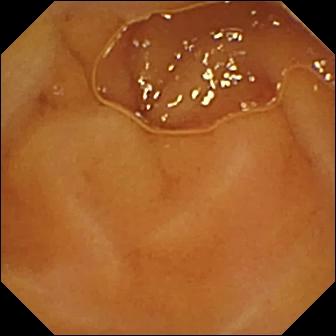Capsule endoscopy view
Finding: normal clean mucosa